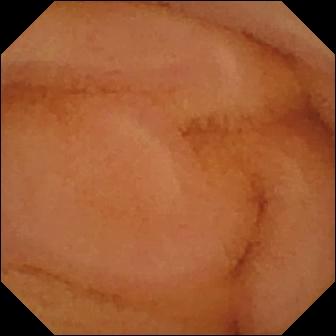Video capsule endoscopy — normal clean mucosa.